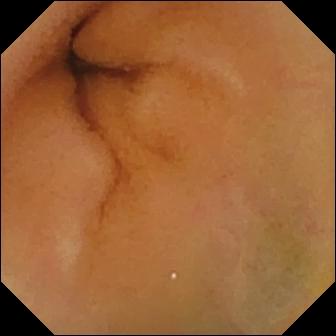Normal clean mucosa — video capsule endoscopy view of the small bowel.